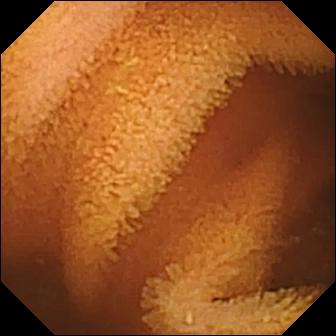Normal clean mucosa — VCE still of the small bowel.